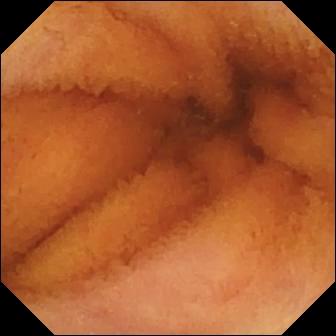VCE snapshot of the small intestine showing normal clean mucosa.